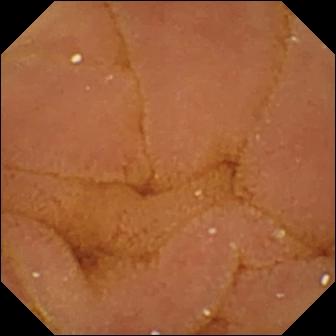modality: VCE | segment: small intestine | category: luminal finding | label: normal clean mucosa